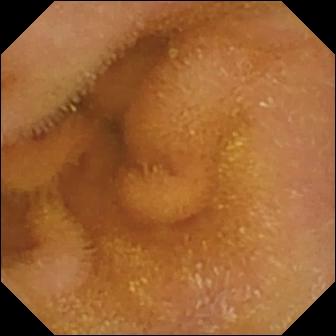{"modality": "VCE", "segment": "small bowel", "finding": "normal clean mucosa"}